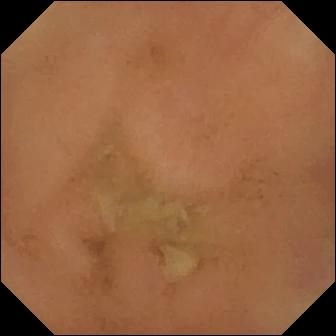Small-bowel capsule endoscopy. Small bowel. Label: normal clean mucosa.